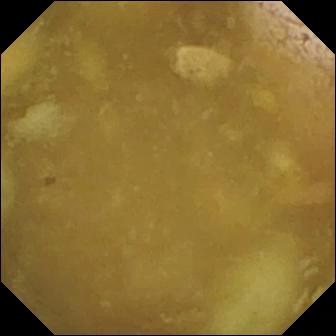WCE still
Position: ileo-cecal valve region